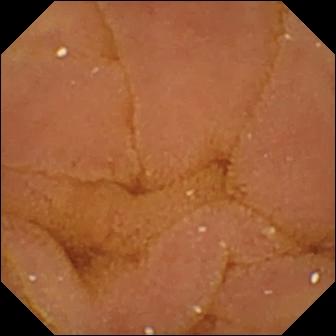modality: WCE; segment: small bowel; impression: normal clean mucosa